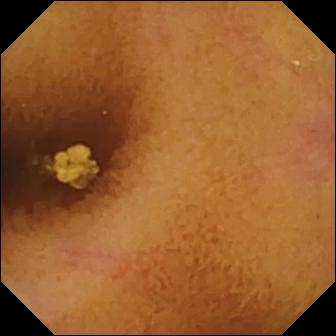Normal clean mucosa — capsule endoscopy frame of the small bowel.